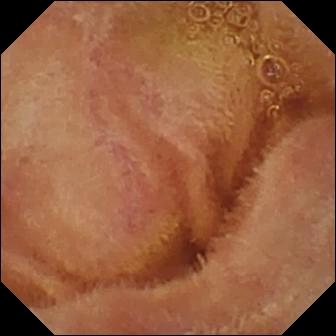modality: video capsule endoscopy
segment: small intestine
finding: normal clean mucosa